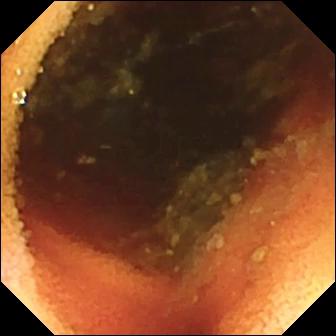Ileo-cecal valve region (where the capsule passes from the small bowel into the large bowel) — small-bowel capsule endoscopy still.